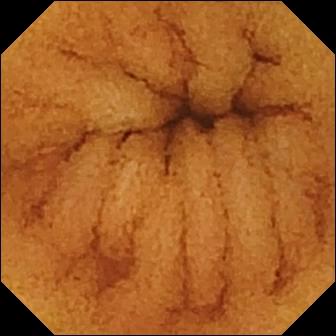{"modality": "wireless capsule endoscopy", "category": "luminal finding", "finding": "normal clean mucosa"}